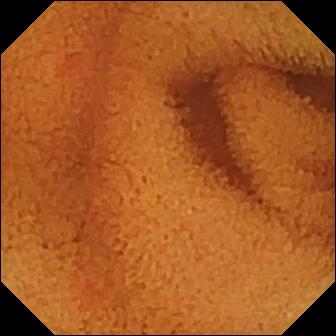Wireless capsule endoscopy still showing normal clean mucosa.